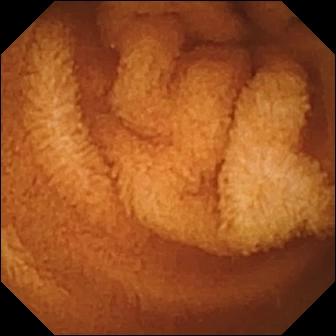modality: VCE
segment: small intestine
finding: normal clean mucosa